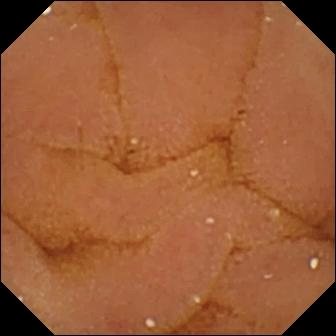Normal clean mucosa.